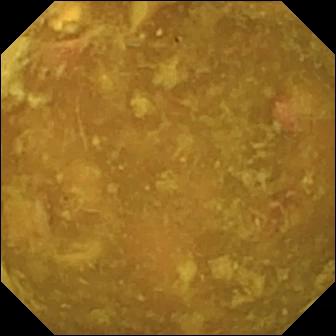Capsule endoscopy — reduced mucosal view (content or bubbles obscuring the mucosa).